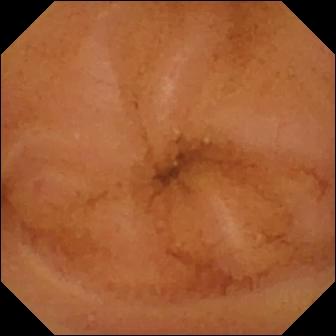Video capsule endoscopy snapshot. Normal clean mucosa.